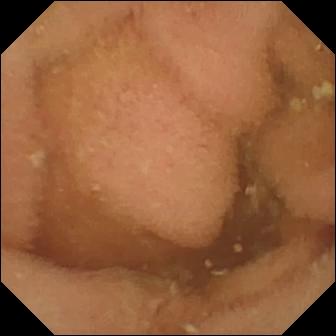- modality: video capsule endoscopy
- segment: small intestine
- impression: normal clean mucosa